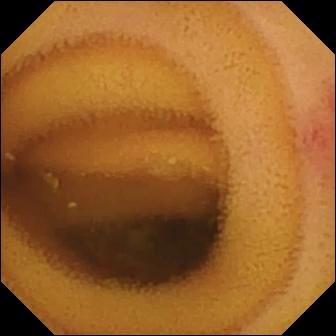Small-bowel capsule endoscopy — angiectasia.